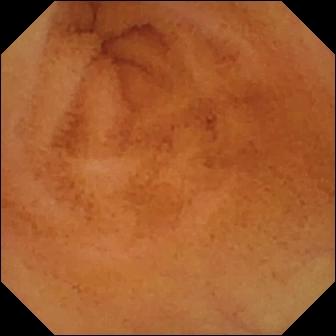Video capsule endoscopy view of the small bowel showing normal clean mucosa.